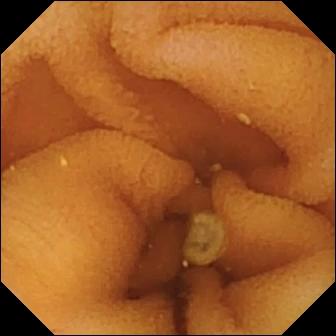Normal clean mucosa — small-bowel capsule endoscopy image.